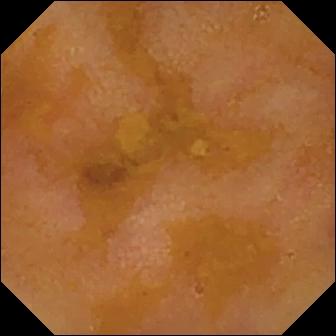Reduced mucosal view (content or bubbles obscuring the mucosa) — capsule endoscopy snapshot of the small intestine.